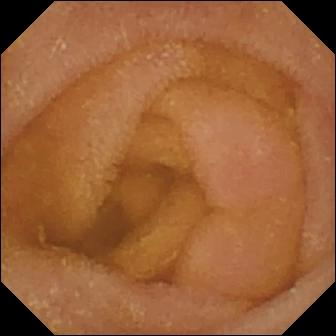- modality: wireless capsule endoscopy
- segment: small intestine
- impression: normal clean mucosa